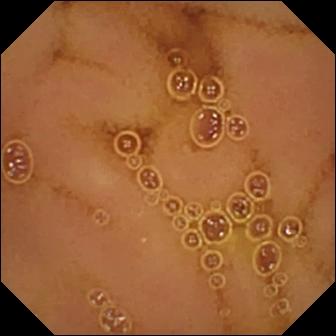Small-bowel capsule endoscopy. Small bowel. Luminal finding. Label: normal clean mucosa.